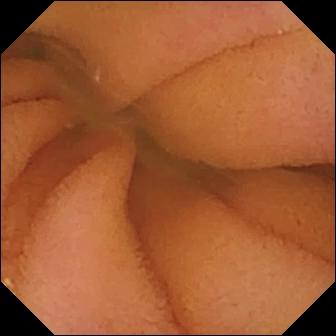Q: What does this VCE still of the small bowel show?
A: Normal clean mucosa.